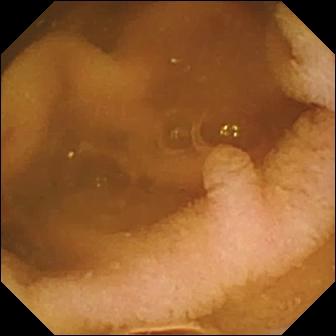{"modality": "video capsule endoscopy", "category": "luminal finding", "finding": "normal clean mucosa"}